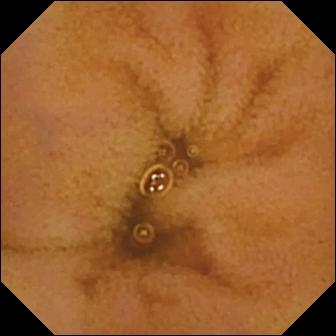Video capsule endoscopy view, small intestine
Observation: normal clean mucosa